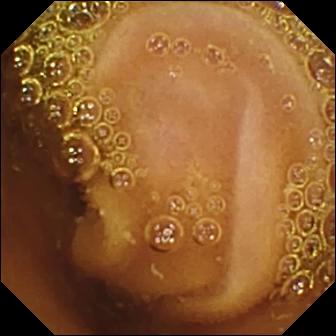Normal clean mucosa — wireless capsule endoscopy view.